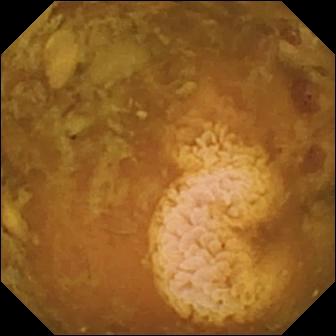PROCEDURE: Capsule endoscopy.
SEGMENT: Small intestine.
FINDINGS: Reduced mucosal view (content or bubbles obscuring the mucosa).